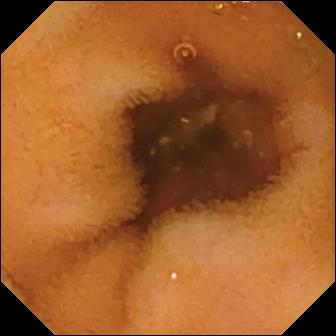Q: What does this small-bowel capsule endoscopy snapshot show?
A: Normal clean mucosa.